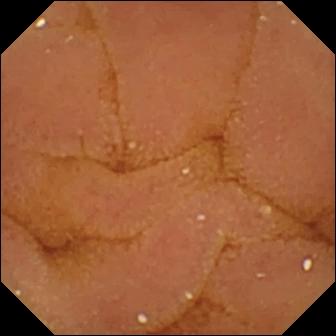Video capsule endoscopy image of the small intestine showing normal clean mucosa.